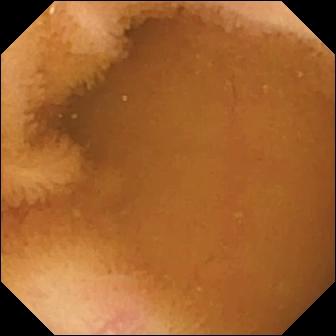PROCEDURE: WCE.
FINDINGS: Normal clean mucosa.